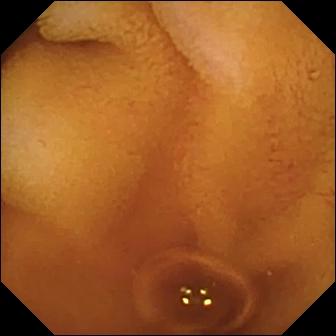Normal clean mucosa.